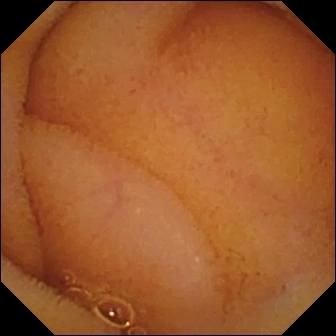WCE snapshot, small intestine
Observation: normal clean mucosa